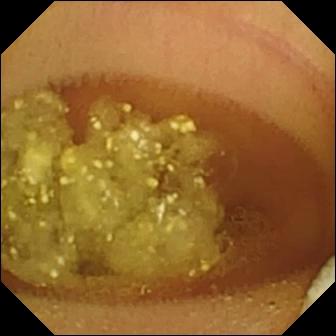WCE still showing lymphangiectasia.